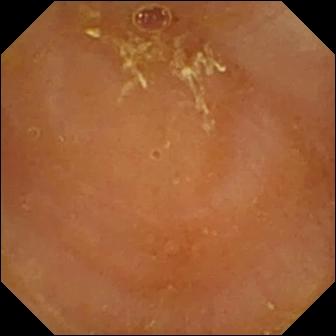This video capsule endoscopy still shows reduced mucosal view (content or bubbles obscuring the mucosa).